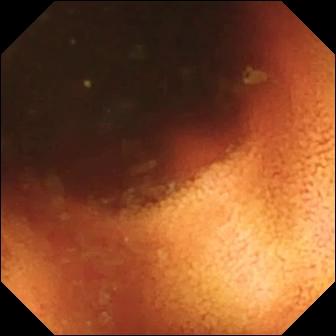Capsule endoscopy snapshot
Location: ileo-cecal valve region (the transition from the small bowel to the large bowel)